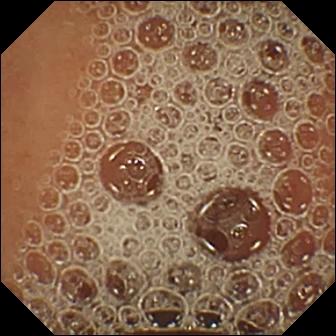modality: video capsule endoscopy; finding: normal clean mucosa